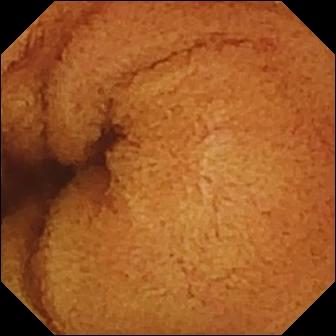Video capsule endoscopy. Small intestine. Label: normal clean mucosa.